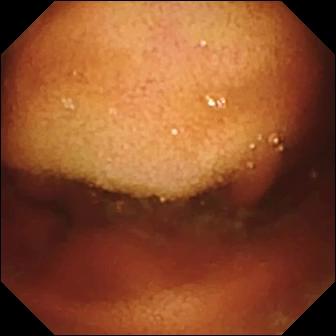Ileo-cecal valve region, 336×336.